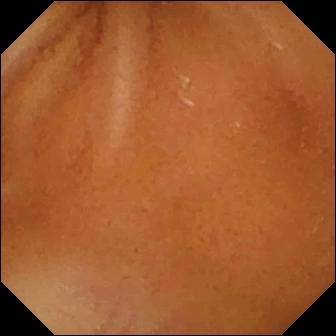Normal clean mucosa — WCE snapshot.